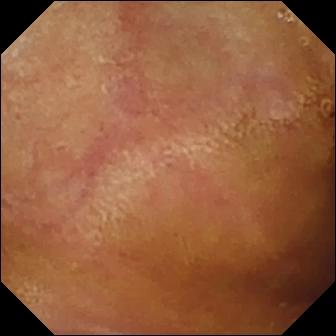- modality: WCE
- impression: normal clean mucosa